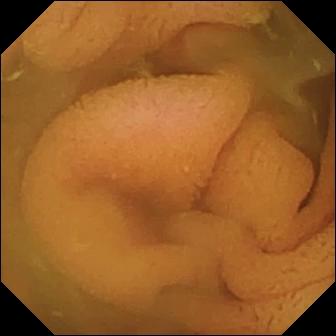- modality: wireless capsule endoscopy
- segment: small bowel
- observation: normal clean mucosa